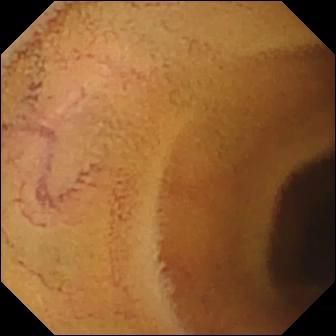This video capsule endoscopy view shows normal clean mucosa.